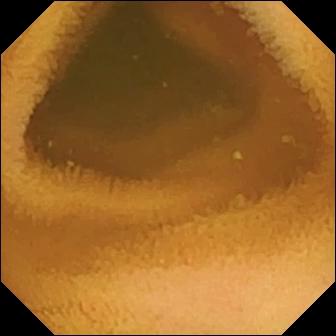Small-bowel capsule endoscopy — normal clean mucosa.